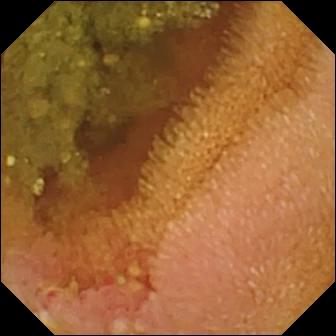{"modality": "VCE", "finding": "erosion"}